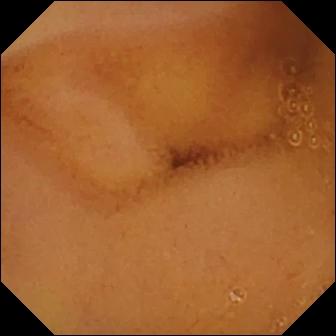Small-bowel capsule endoscopy still, small bowel
Label: normal clean mucosa